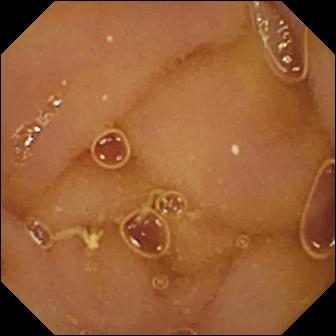This capsule endoscopy image of the small bowel shows normal clean mucosa.